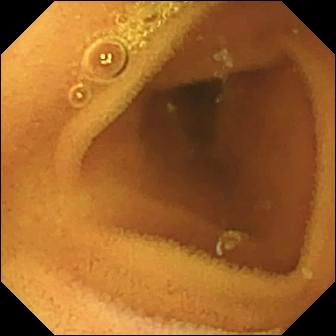modality: small-bowel capsule endoscopy | segment: small intestine | category: luminal finding | impression: normal clean mucosa